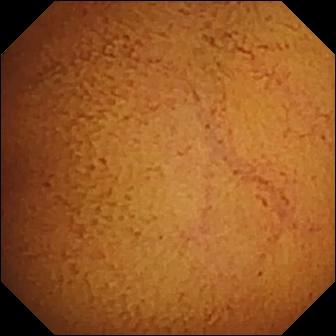Q: What does this capsule endoscopy snapshot show?
A: Normal clean mucosa.